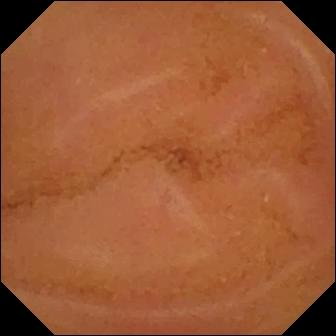This WCE snapshot of the small intestine shows normal clean mucosa.